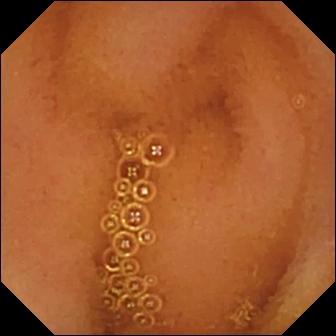PROCEDURE: VCE.
FINDINGS: Normal clean mucosa.